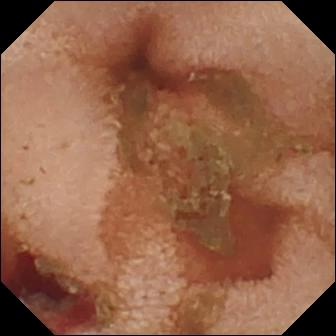Fresh blood in the lumen.